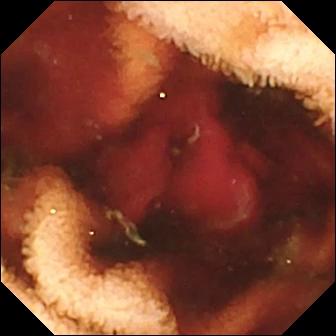{"modality": "capsule endoscopy", "finding": "fresh blood in the lumen"}